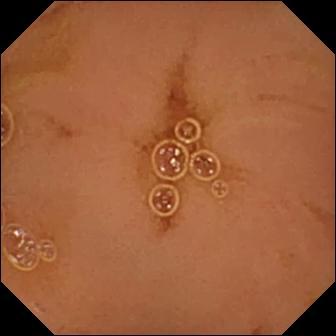Video capsule endoscopy image of the small intestine showing normal clean mucosa.